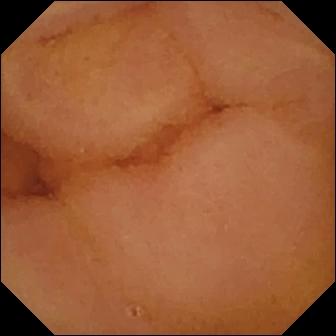WCE. Small bowel. Luminal finding. Impression: normal clean mucosa.